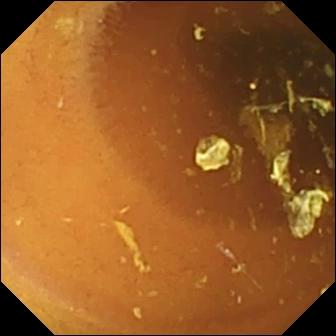Video capsule endoscopy view showing normal clean mucosa.